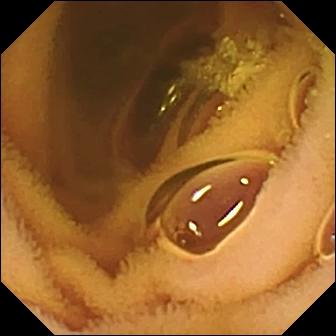modality: VCE; segment: small intestine; impression: normal clean mucosa